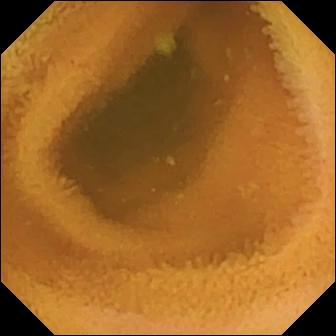This wireless capsule endoscopy still shows normal clean mucosa.